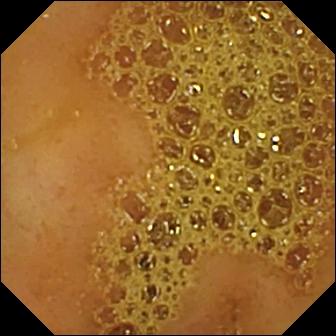Wireless capsule endoscopy view
Video segment: ileo-cecal valve region